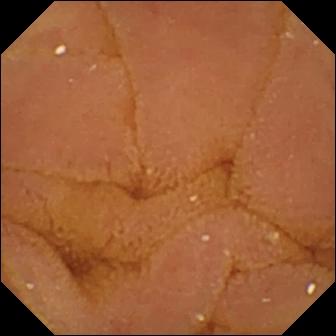WCE frame, small bowel
Label: normal clean mucosa